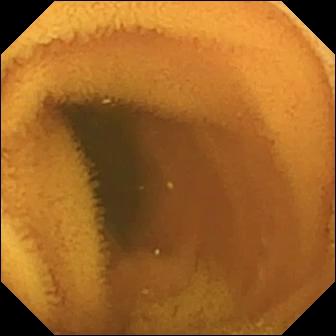This VCE frame of the small bowel shows normal clean mucosa.